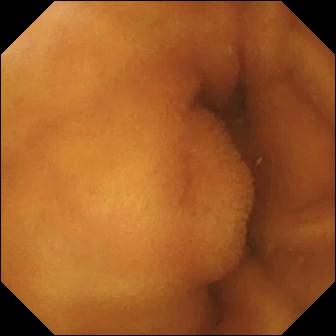Normal clean mucosa — capsule endoscopy snapshot.